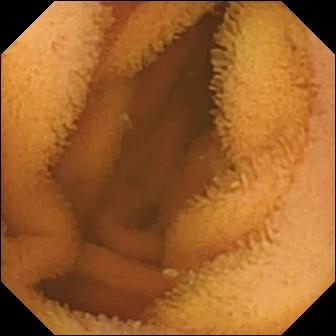Wireless capsule endoscopy still, small intestine
Label: normal clean mucosa